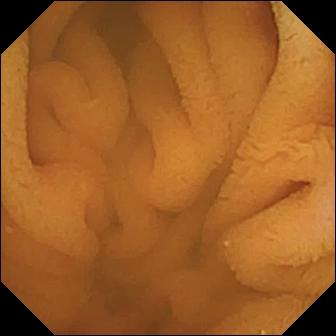Normal clean mucosa — video capsule endoscopy view of the small bowel.